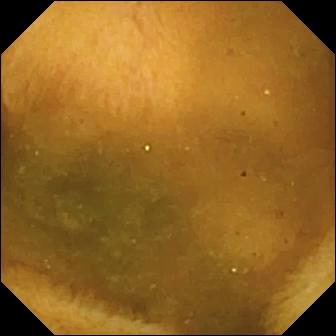Capsule endoscopy — normal clean mucosa.